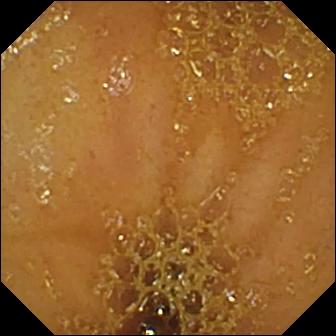Video capsule endoscopy — ileo-cecal valve region (the transition from the small bowel to the large bowel).